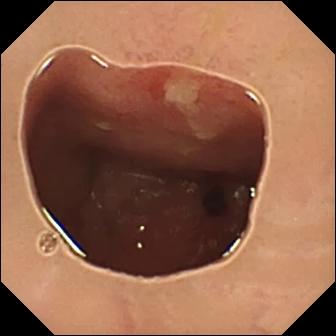- modality: VCE
- category: luminal finding
- finding: ulcer